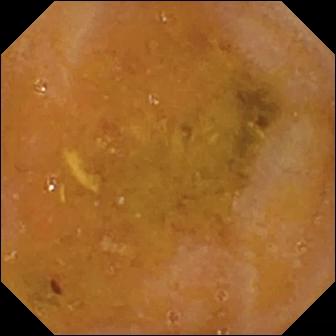modality: video capsule endoscopy
segment: small intestine
label: reduced mucosal view (content or bubbles obscuring the mucosa)